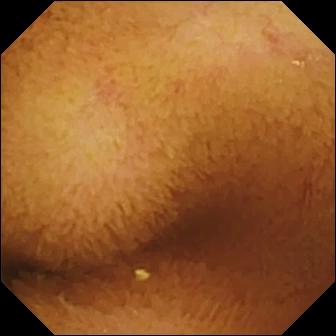Small-bowel capsule endoscopy snapshot. Normal clean mucosa.